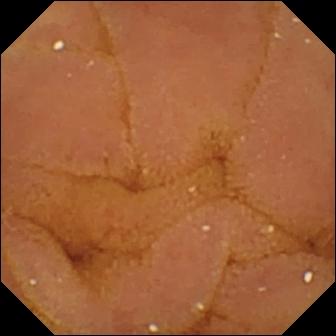{"modality": "wireless capsule endoscopy", "category": "luminal finding", "finding": "normal clean mucosa"}